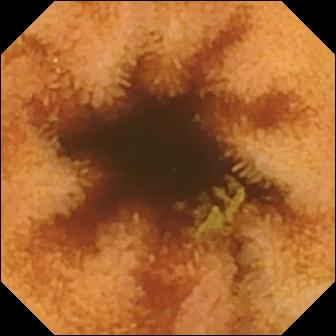Video capsule endoscopy frame of the small intestine showing normal clean mucosa.